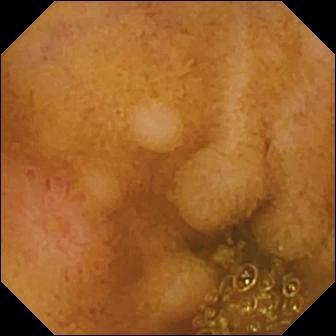PROCEDURE: Wireless capsule endoscopy.
FINDINGS: Erosion.